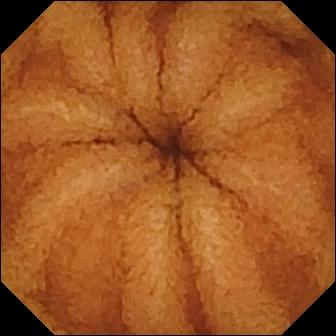Wireless capsule endoscopy view showing normal clean mucosa.